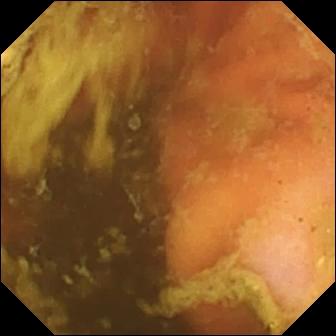VCE snapshot taken in the ileo-cecal valve region (where the capsule passes from the small bowel into the large bowel).